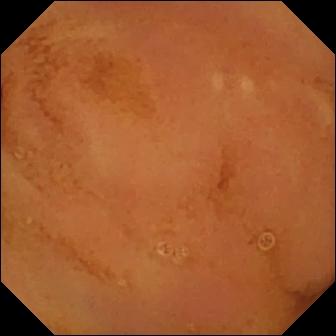Small-bowel capsule endoscopy. Small intestine. Luminal finding. Finding: normal clean mucosa.